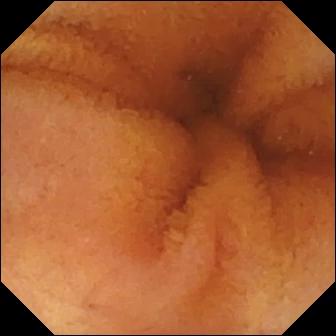- modality: VCE
- segment: small bowel
- impression: normal clean mucosa